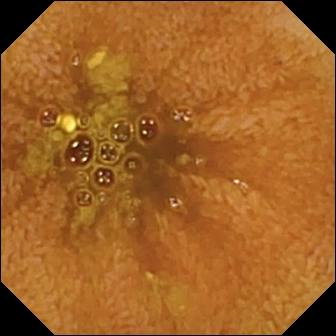Capsule endoscopy snapshot taken in the ileo-cecal valve region (the transition from the small bowel to the large bowel).